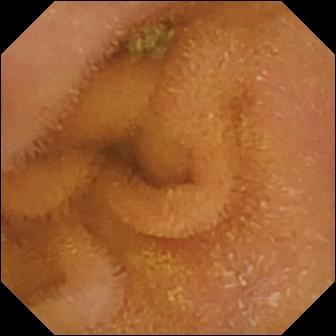WCE still, small bowel
Label: normal clean mucosa